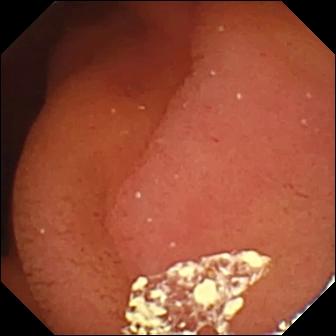Small-bowel capsule endoscopy. Near an anatomical landmark. Label: pylorus region.